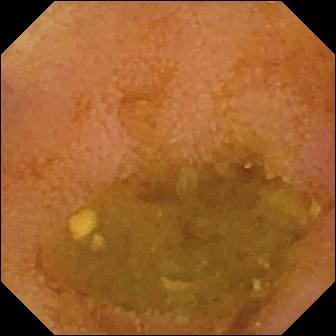{"modality": "video capsule endoscopy", "segment": "small intestine", "finding": "reduced mucosal view (content or bubbles obscuring the mucosa)"}